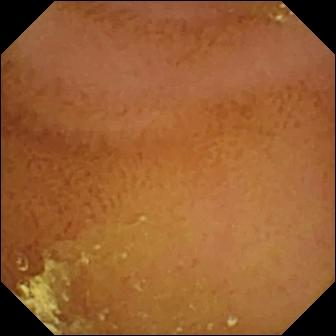Wireless capsule endoscopy image. Normal clean mucosa.